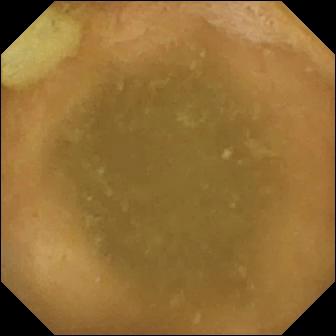- modality: VCE
- category: anatomical landmark
- label: ileo-cecal valve region (the transition from the small bowel to the large bowel)